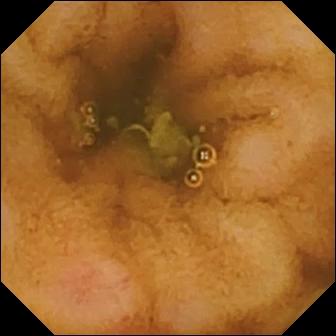VCE image showing erosion.